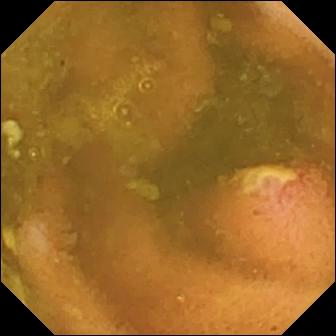Q: What does this capsule endoscopy still show?
A: Ulcer.